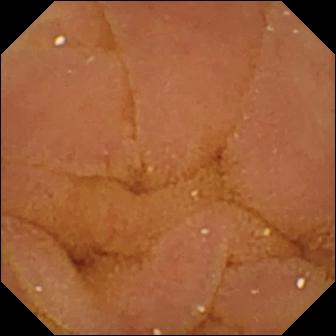VCE snapshot
Observation: normal clean mucosa